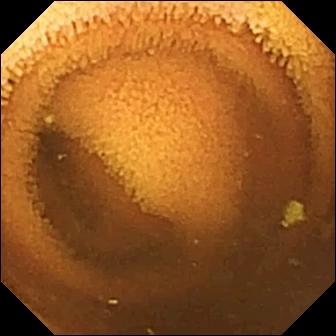modality: WCE | segment: small bowel | category: luminal finding | finding: normal clean mucosa